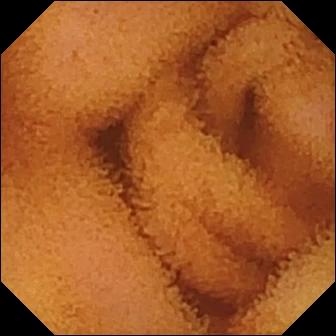Video capsule endoscopy frame showing normal clean mucosa.